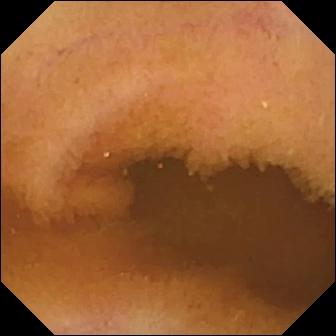- modality: small-bowel capsule endoscopy
- segment: small bowel
- impression: normal clean mucosa